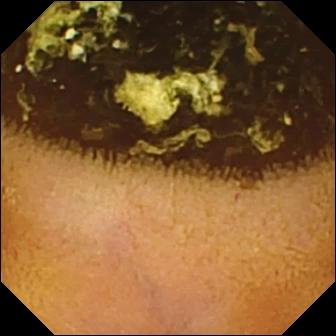WCE still. Normal clean mucosa.